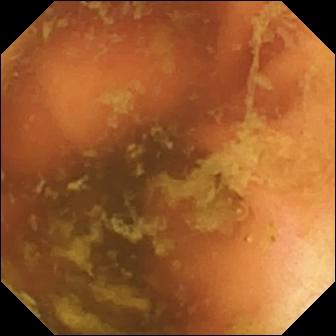modality: small-bowel capsule endoscopy
video segment: ileo-cecal valve region (where the capsule passes from the small bowel into the large bowel)